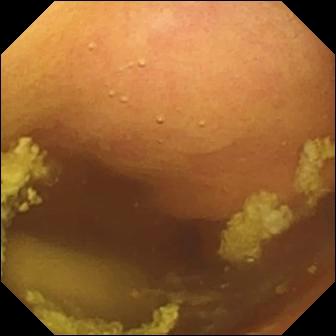Wireless capsule endoscopy view. Foreign body (e.g. retained capsule, tablet residue).